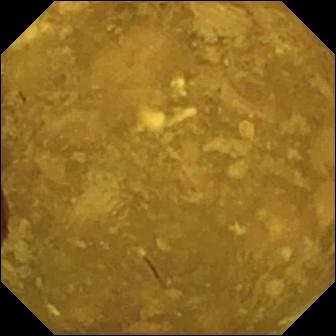VCE snapshot
Observation: reduced mucosal view (content or bubbles obscuring the mucosa)